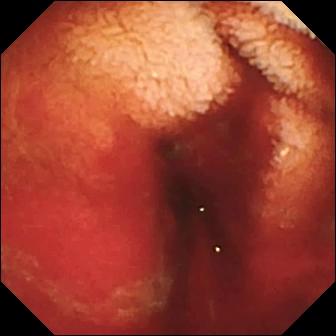Q: What does this small-bowel capsule endoscopy still show?
A: Fresh blood in the lumen.